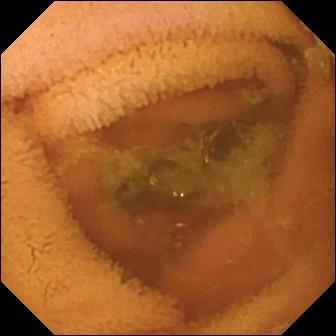Normal clean mucosa — VCE frame.